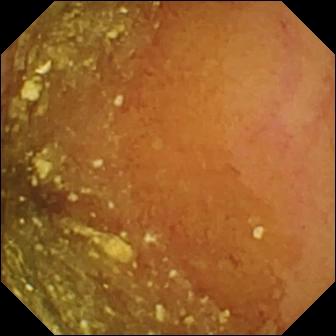PROCEDURE: Video capsule endoscopy.
SEGMENT: Small bowel.
FINDINGS: Normal clean mucosa.